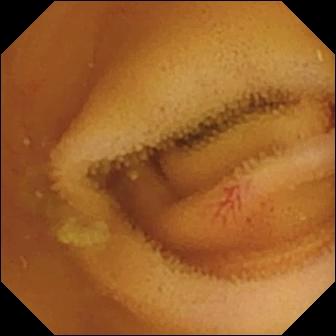Angiectasia.